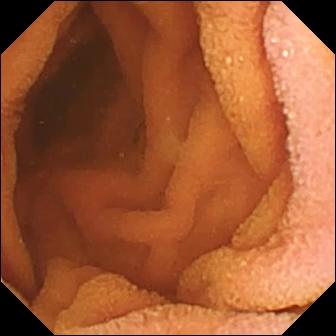Video capsule endoscopy snapshot (small bowel). Normal clean mucosa.